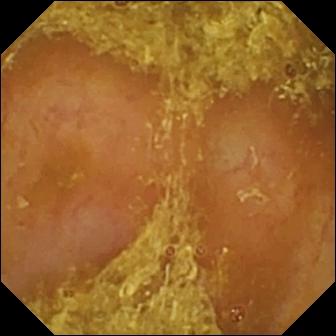Small-bowel capsule endoscopy snapshot
Observation: reduced mucosal view (content or bubbles obscuring the mucosa)